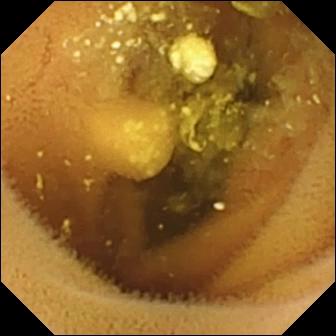Lymphangiectasia — video capsule endoscopy view.